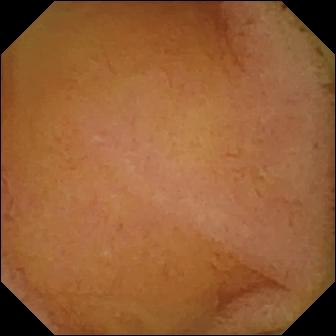PROCEDURE: VCE.
SEGMENT: Small intestine.
FINDINGS: Normal clean mucosa.